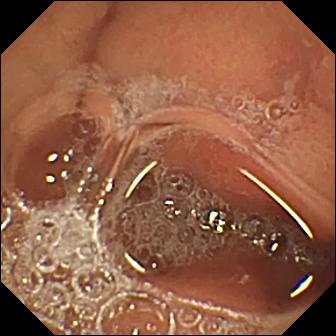Erosion.